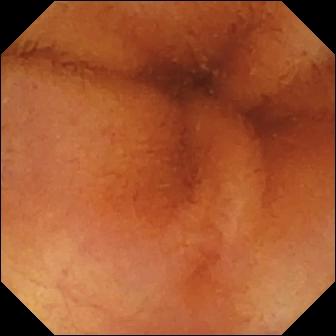Wireless capsule endoscopy frame
Impression: normal clean mucosa